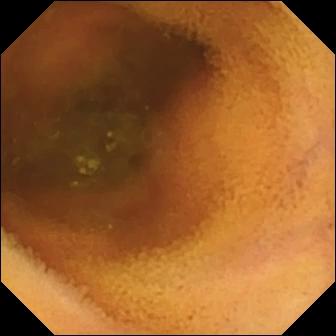PROCEDURE: Small-bowel capsule endoscopy.
FINDINGS: Normal clean mucosa.